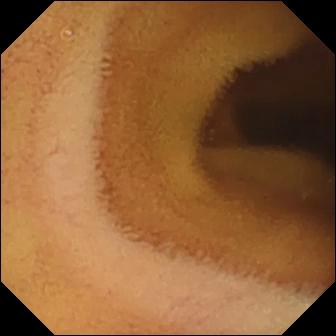modality: capsule endoscopy; segment: small bowel; category: luminal finding; finding: normal clean mucosa